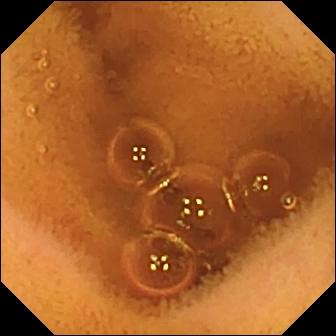Video capsule endoscopy view. Normal clean mucosa.